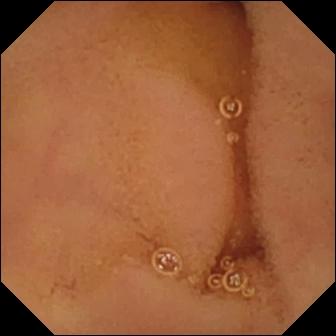Capsule endoscopy snapshot, small intestine
Impression: normal clean mucosa